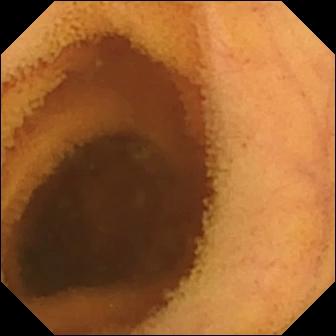Normal clean mucosa.